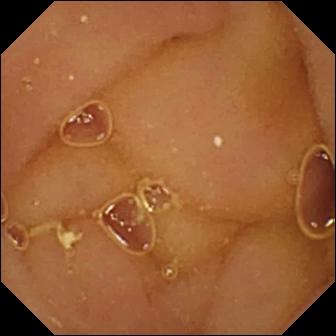Normal clean mucosa.